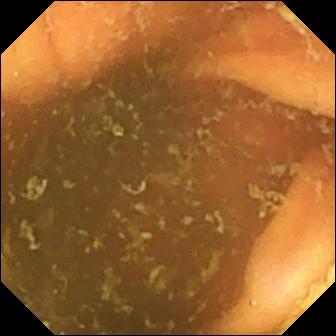Ileo-cecal valve region (the transition from the small bowel to the large bowel).